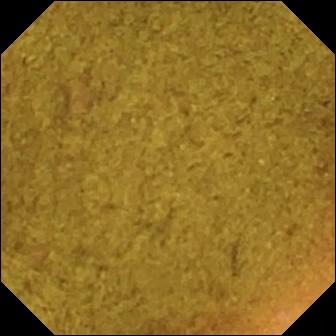Capsule endoscopy image. Taken in the ileo-cecal valve region (the transition from the small bowel to the large bowel).